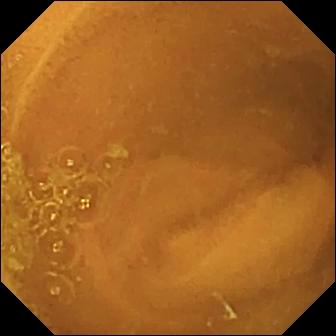Capsule endoscopy view showing normal clean mucosa.